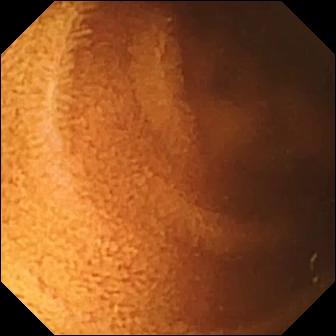Wireless capsule endoscopy. Luminal finding. Observation: normal clean mucosa.